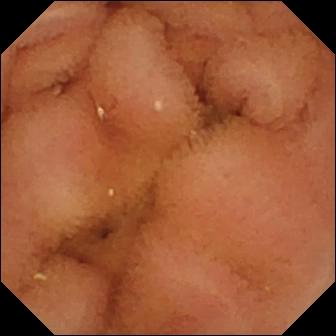Video capsule endoscopy. Small intestine. Luminal finding. Observation: normal clean mucosa.